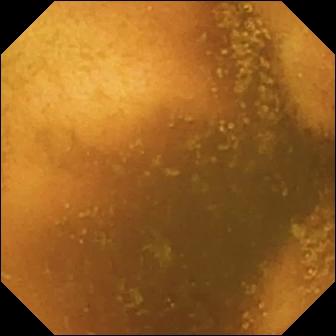{"modality": "VCE", "segment": "small intestine", "finding": "normal clean mucosa"}